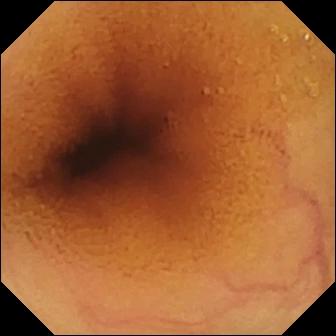This WCE image shows normal clean mucosa.